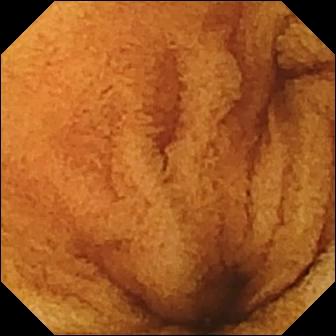This video capsule endoscopy image shows normal clean mucosa.